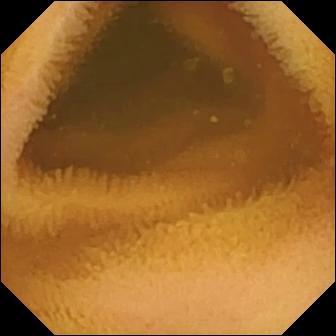Normal clean mucosa.